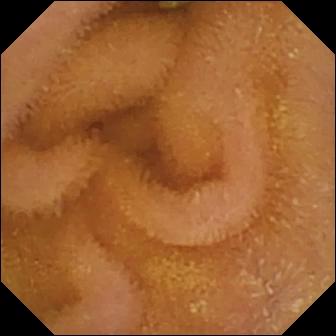Small-bowel capsule endoscopy snapshot
Impression: normal clean mucosa